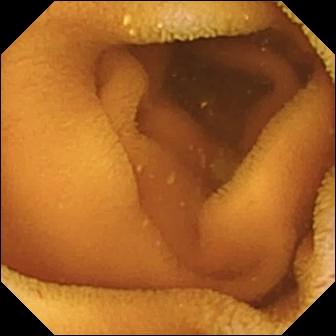Wireless capsule endoscopy view of the small bowel showing normal clean mucosa.